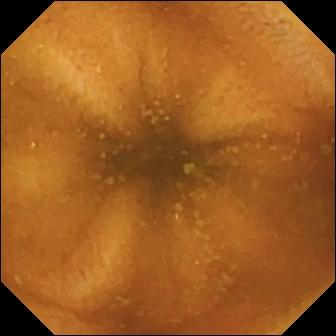modality: video capsule endoscopy; segment: small intestine; label: normal clean mucosa